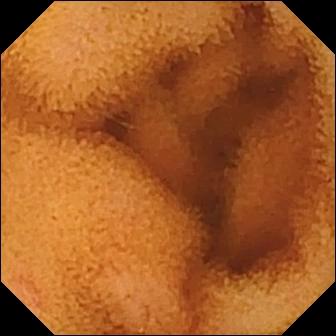Video capsule endoscopy. Finding: normal clean mucosa.